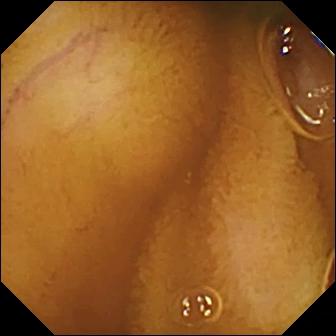modality: capsule endoscopy | segment: small intestine | finding: normal clean mucosa